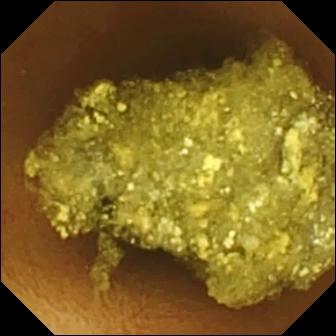modality: small-bowel capsule endoscopy
category: luminal finding
finding: normal clean mucosa